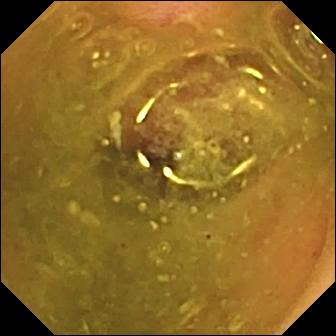{"modality": "capsule endoscopy", "finding": "erosion"}